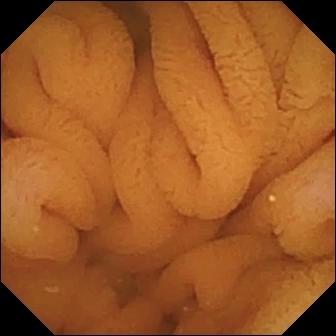Capsule endoscopy snapshot of the small intestine showing normal clean mucosa.